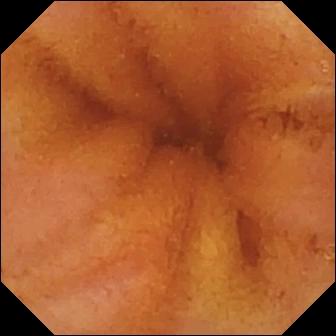{"modality": "wireless capsule endoscopy", "finding": "normal clean mucosa"}